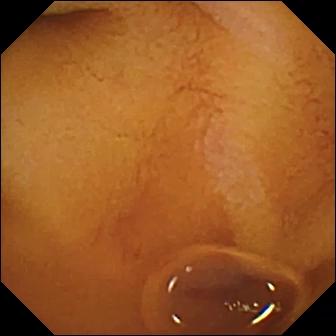Normal clean mucosa (336×336).